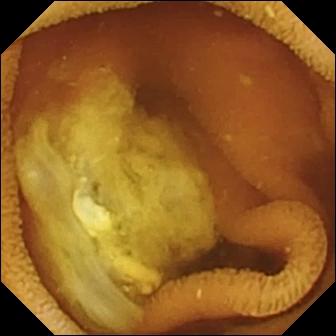WCE — normal clean mucosa.